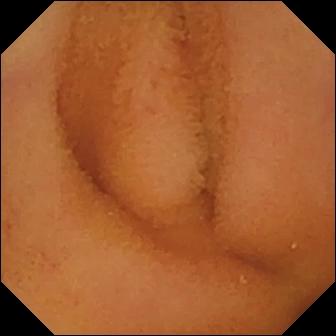WCE frame. Normal clean mucosa.